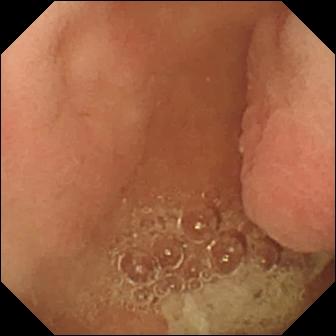WCE. Position: pylorus region (the junction between the stomach and the small bowel).